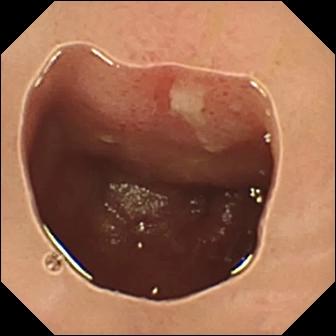This small-bowel capsule endoscopy still shows ulcer.